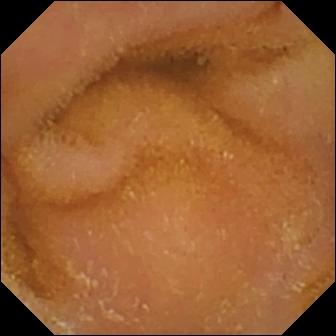PROCEDURE: VCE.
FINDINGS: Normal clean mucosa.